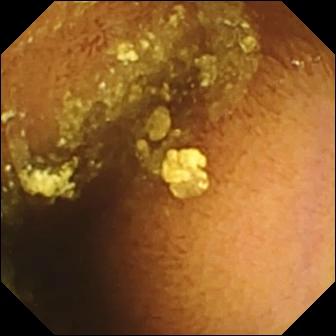PROCEDURE: WCE.
SEGMENT: Small intestine.
FINDINGS: Normal clean mucosa.